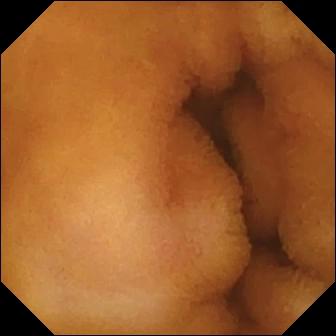Normal clean mucosa — video capsule endoscopy still of the small bowel.